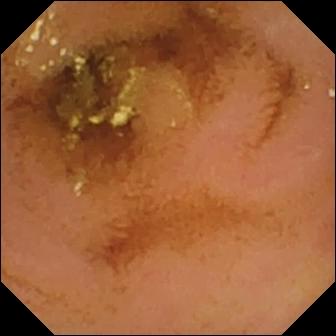WCE view, 336×336. Normal clean mucosa.